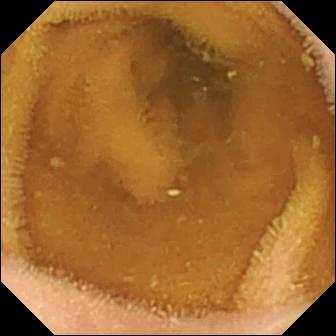Small-bowel capsule endoscopy view, small bowel
Observation: normal clean mucosa